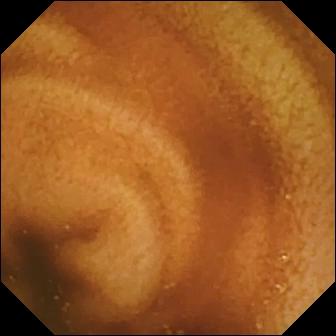Video capsule endoscopy snapshot (small intestine). Normal clean mucosa.